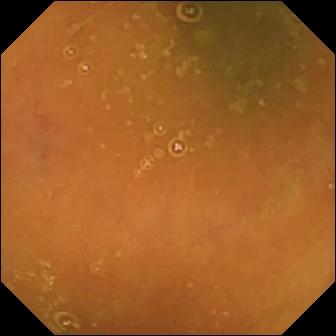Ileo-cecal valve region (the transition from the small bowel to the large bowel).